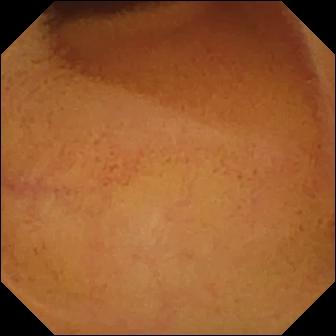Normal clean mucosa.